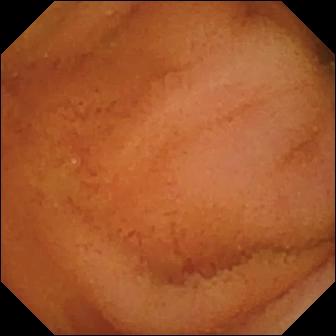Q: What does this VCE frame of the small intestine show?
A: Normal clean mucosa.